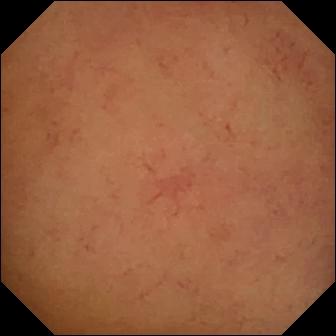{"modality": "VCE", "segment": "small intestine", "finding": "normal clean mucosa"}